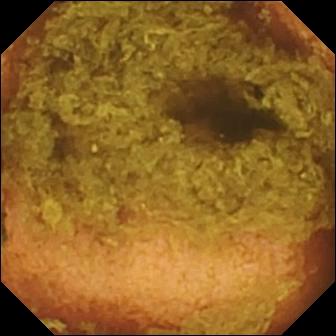modality: wireless capsule endoscopy
segment: small intestine
observation: normal clean mucosa